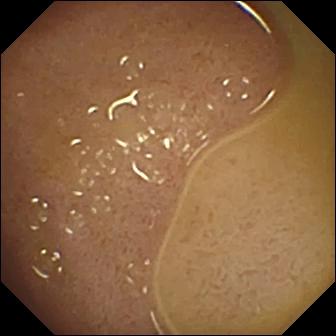PROCEDURE: Wireless capsule endoscopy.
POSITION: Ileo-cecal valve region (the transition from the small bowel to the large bowel).